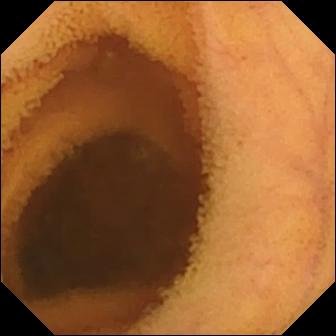Video capsule endoscopy view. Normal clean mucosa.